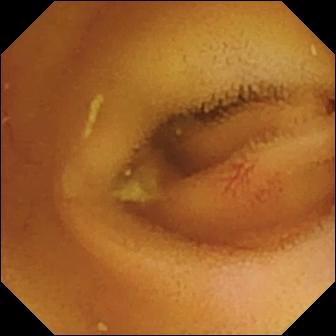modality: video capsule endoscopy
finding: angiectasia